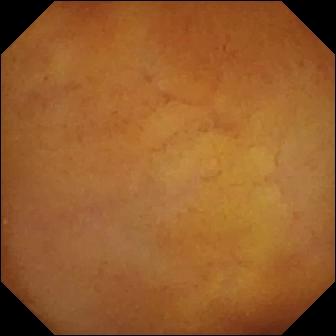modality: capsule endoscopy
category: luminal finding
label: normal clean mucosa